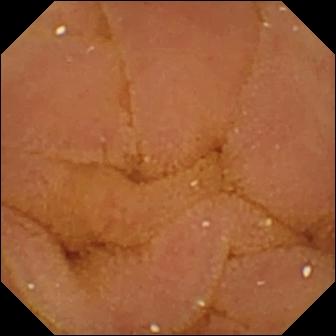This WCE frame shows normal clean mucosa.